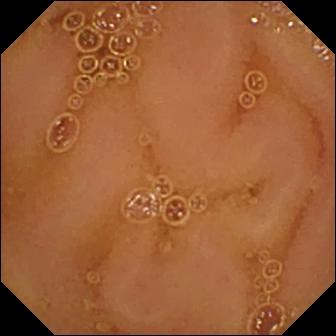Normal clean mucosa.